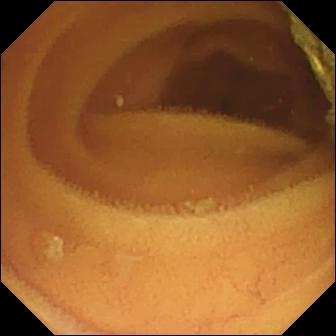WCE view. Normal clean mucosa.